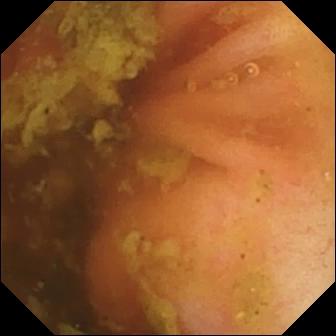This wireless capsule endoscopy frame was taken in the ileo-cecal valve region.